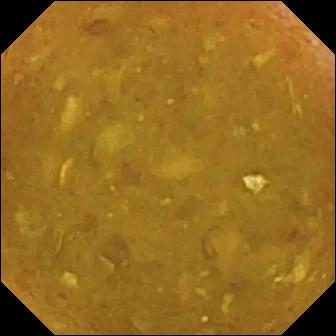Small-bowel capsule endoscopy — reduced mucosal view (content or bubbles obscuring the mucosa).